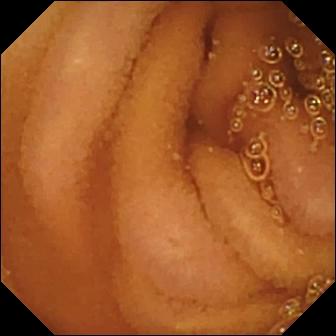Video capsule endoscopy — normal clean mucosa.